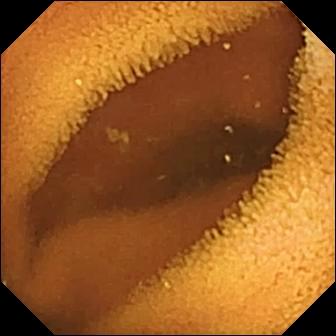Normal clean mucosa — video capsule endoscopy image of the small intestine.